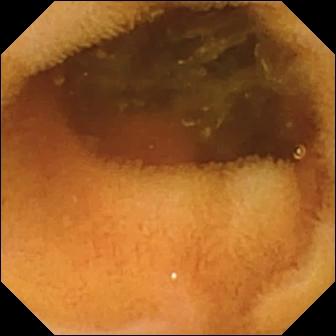VCE snapshot
Finding: normal clean mucosa